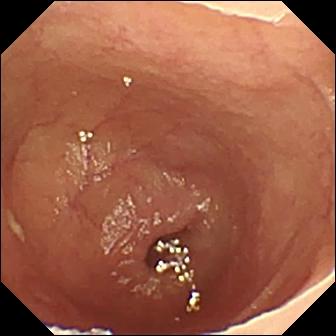- modality: video capsule endoscopy
- label: ulcer